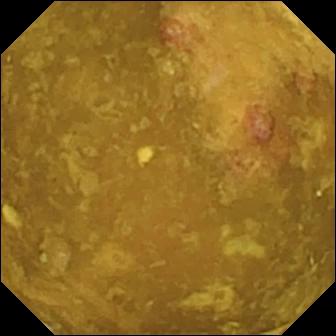Reduced mucosal view (content or bubbles obscuring the mucosa).